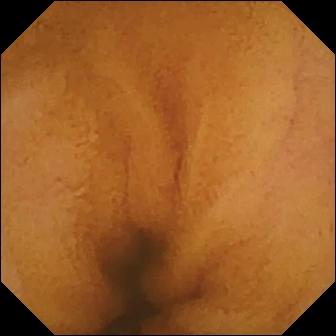WCE. Small bowel. Finding: normal clean mucosa.